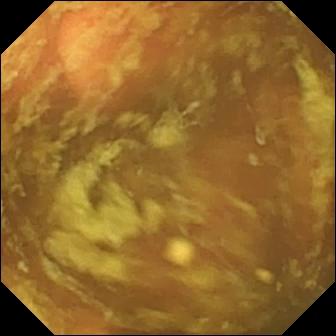Ileo-cecal valve region (the transition from the small bowel to the large bowel).